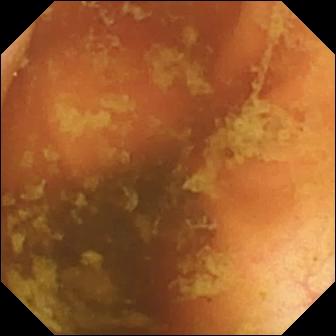Small-bowel capsule endoscopy. Position: ileo-cecal valve region (where the capsule passes from the small bowel into the large bowel).